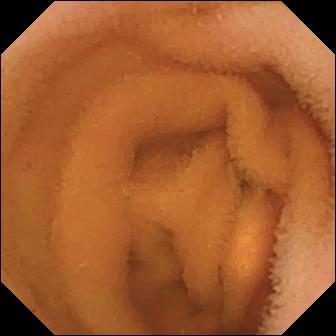Wireless capsule endoscopy still of the small bowel showing normal clean mucosa.